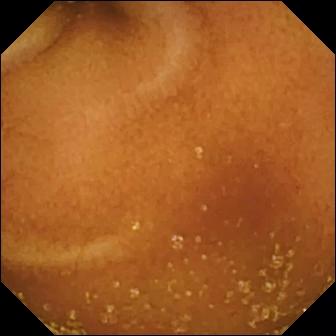PROCEDURE: Video capsule endoscopy.
FINDINGS: Normal clean mucosa.